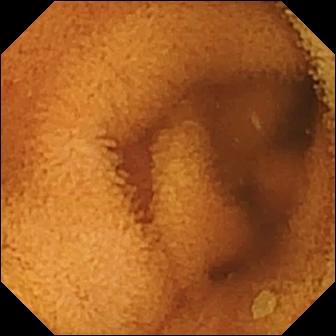This small-bowel capsule endoscopy still shows normal clean mucosa.